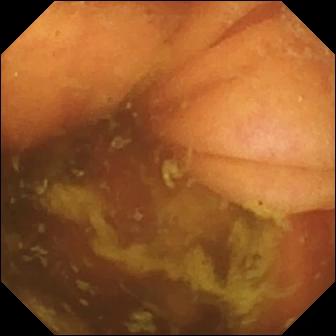WCE snapshot
Video segment: ileo-cecal valve region